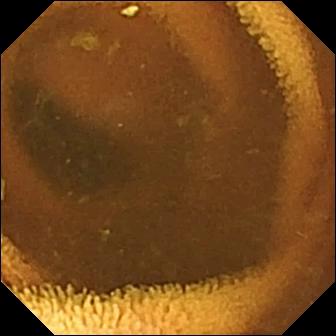Wireless capsule endoscopy still
Finding: normal clean mucosa